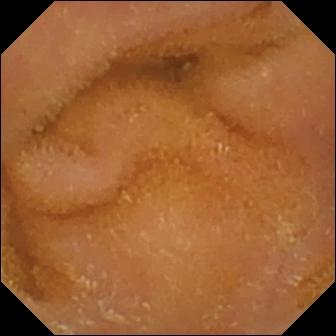PROCEDURE: Capsule endoscopy.
FINDINGS: Normal clean mucosa.